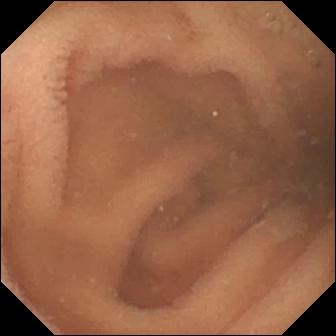Wireless capsule endoscopy — normal clean mucosa.